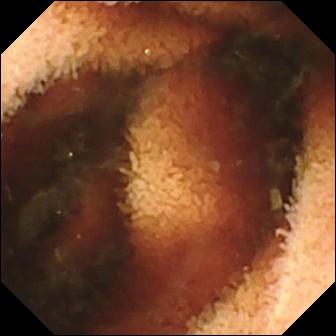This video capsule endoscopy frame shows fresh blood in the lumen.